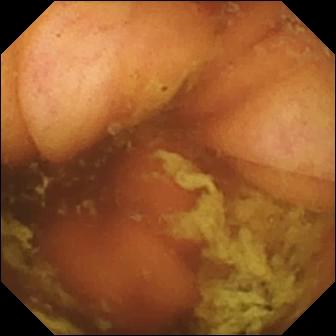Ileo-cecal valve region (the transition from the small bowel to the large bowel) — small-bowel capsule endoscopy still.